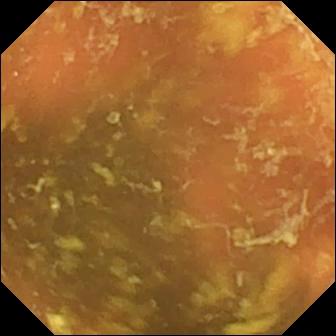WCE — ileo-cecal valve region (where the capsule passes from the small bowel into the large bowel).